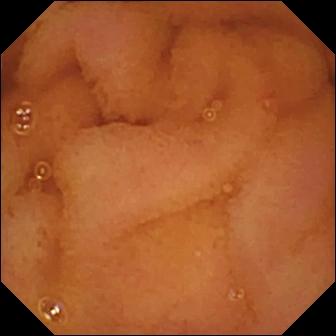WCE snapshot. Normal clean mucosa.